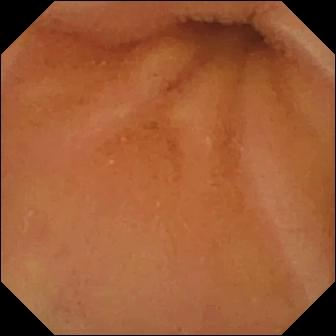This WCE view shows normal clean mucosa.